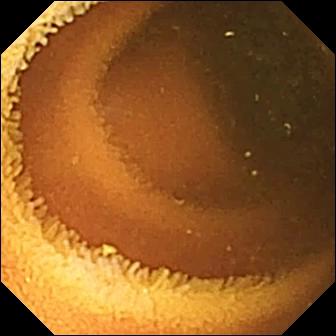modality: WCE | segment: small bowel | category: luminal finding | impression: normal clean mucosa